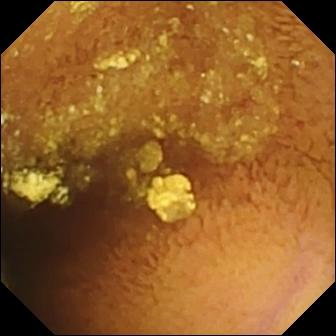PROCEDURE: Video capsule endoscopy.
SEGMENT: Small intestine.
FINDINGS: Normal clean mucosa.